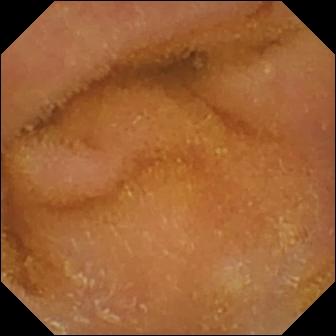Wireless capsule endoscopy still
Finding: normal clean mucosa